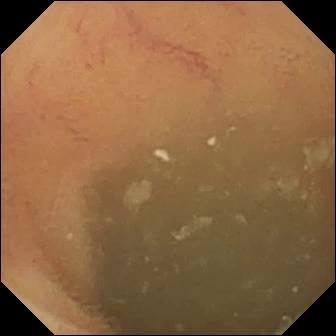This video capsule endoscopy frame shows normal clean mucosa.